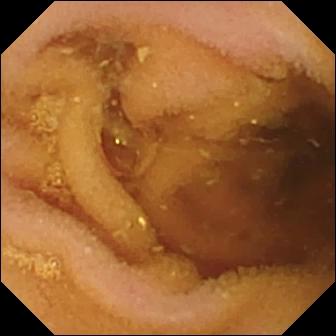Video capsule endoscopy frame taken in the pylorus region.